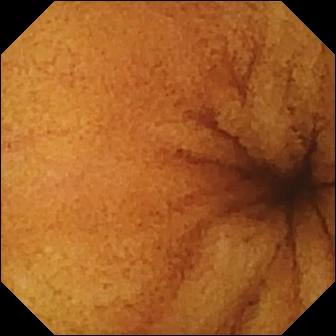PROCEDURE: Video capsule endoscopy.
FINDINGS: Normal clean mucosa.